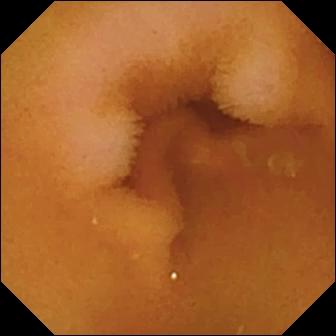Capsule endoscopy. Small bowel. Finding: normal clean mucosa.